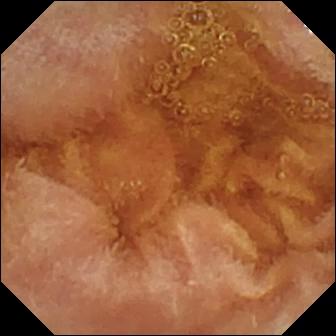modality: wireless capsule endoscopy; category: luminal finding; finding: normal clean mucosa